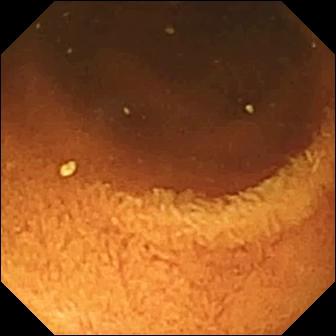Normal clean mucosa.